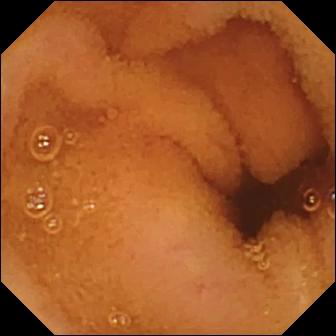Normal clean mucosa.